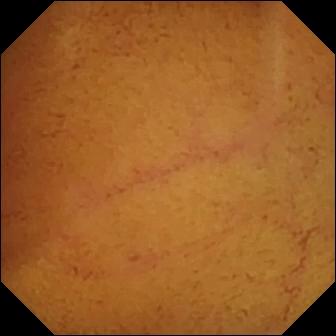PROCEDURE: Small-bowel capsule endoscopy.
FINDINGS: Normal clean mucosa.